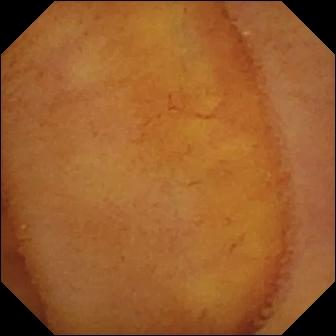- modality: WCE
- segment: small intestine
- category: luminal finding
- observation: normal clean mucosa